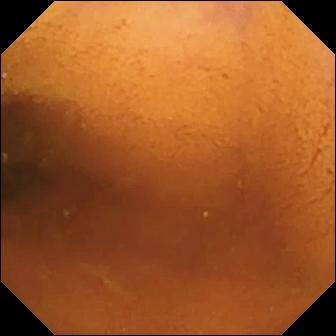Capsule endoscopy. Luminal finding. Label: normal clean mucosa.